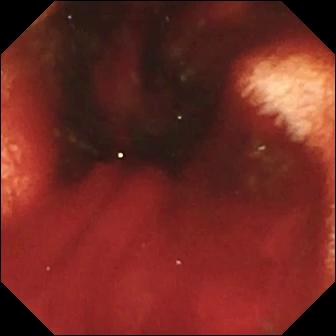modality: video capsule endoscopy; finding: fresh blood in the lumen